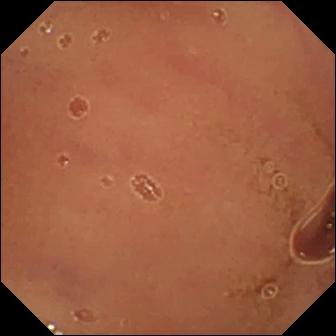PROCEDURE: Video capsule endoscopy.
SEGMENT: Small intestine.
FINDINGS: Normal clean mucosa.